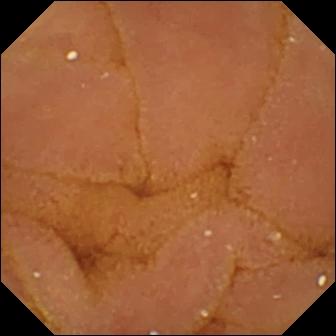This video capsule endoscopy view shows normal clean mucosa.